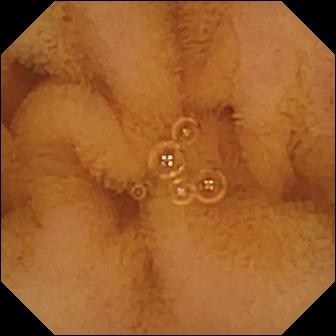modality: WCE | segment: small intestine | category: luminal finding | label: normal clean mucosa